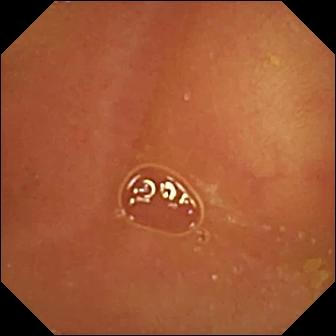Wireless capsule endoscopy — normal clean mucosa.